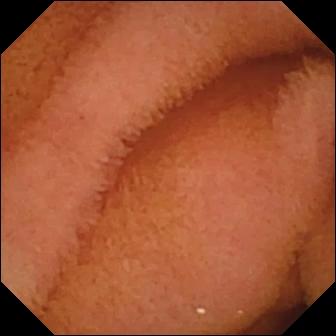Normal clean mucosa.